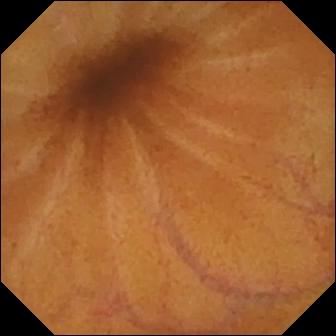Wireless capsule endoscopy still (small intestine), 336×336. Normal clean mucosa.